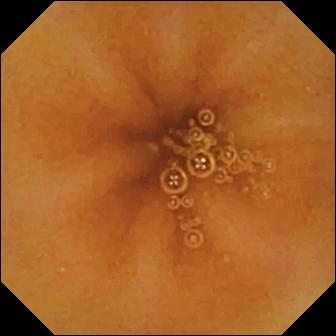This video capsule endoscopy still of the small intestine shows normal clean mucosa.